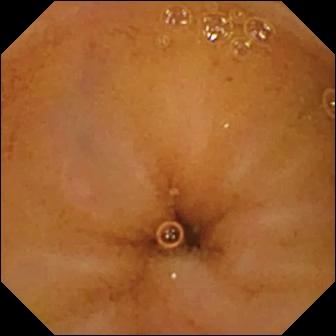Normal clean mucosa — capsule endoscopy frame.